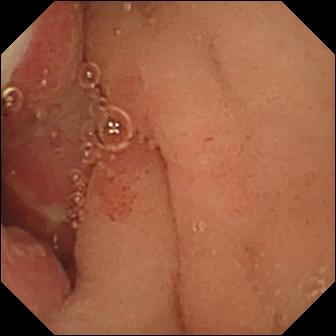{"modality": "WCE", "category": "luminal finding", "finding": "ulcer"}